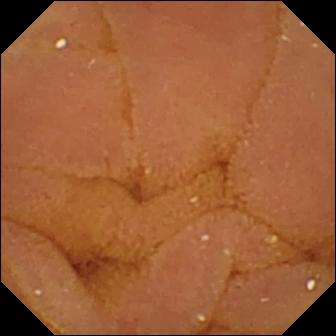Normal clean mucosa — wireless capsule endoscopy snapshot of the small bowel.